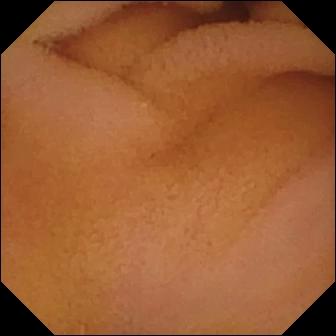This video capsule endoscopy image shows normal clean mucosa.